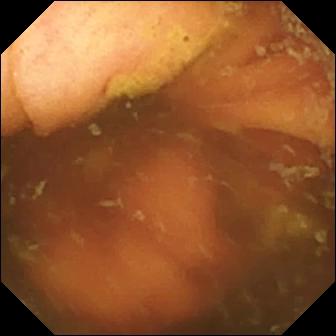Ileo-cecal valve region (the transition from the small bowel to the large bowel) — capsule endoscopy frame.